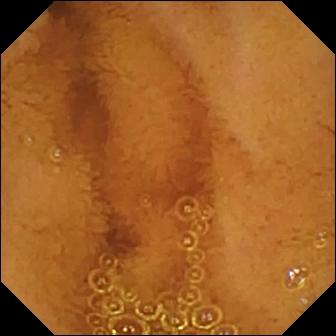modality: VCE
category: luminal finding
label: normal clean mucosa